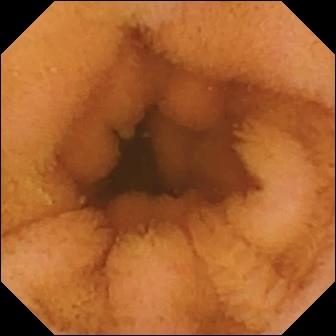Wireless capsule endoscopy view (small intestine), 336×336. Normal clean mucosa.